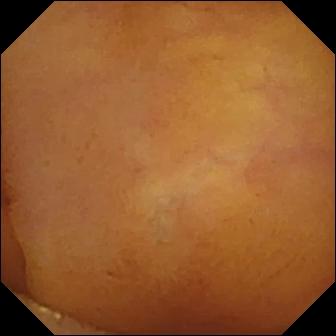{"modality": "capsule endoscopy", "category": "luminal finding", "finding": "normal clean mucosa"}